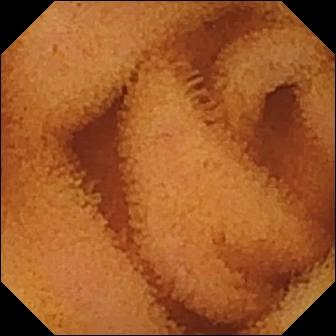Video capsule endoscopy frame showing normal clean mucosa.